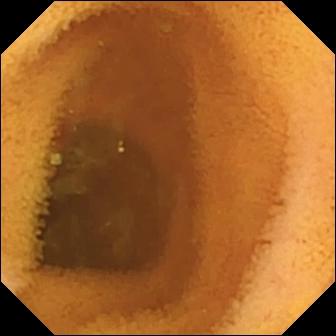PROCEDURE: Capsule endoscopy.
SEGMENT: Small bowel.
FINDINGS: Normal clean mucosa.